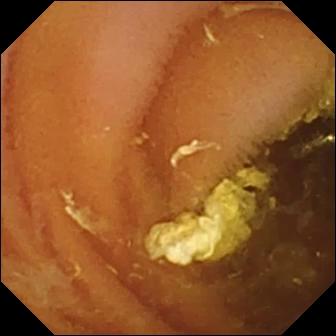{"modality": "wireless capsule endoscopy", "segment": "small bowel", "category": "luminal finding", "finding": "normal clean mucosa"}